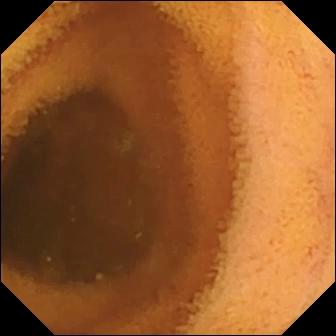This capsule endoscopy snapshot of the small intestine shows normal clean mucosa.